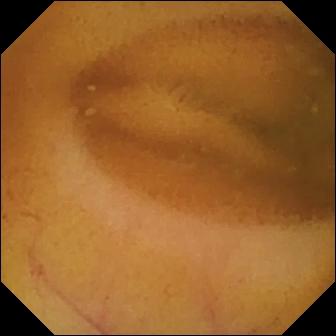Capsule endoscopy. Luminal finding. Observation: normal clean mucosa.